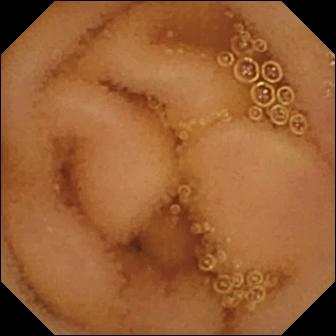{"modality": "small-bowel capsule endoscopy", "category": "luminal finding", "finding": "normal clean mucosa"}